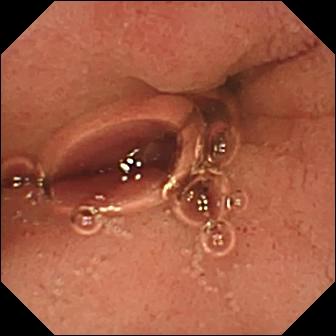{"modality": "WCE", "label": "pylorus region"}